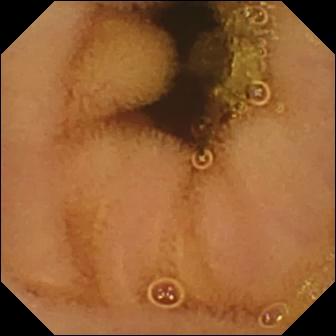PROCEDURE: Capsule endoscopy.
FINDINGS: Normal clean mucosa.